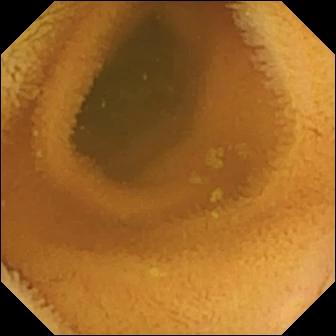Normal clean mucosa — VCE view of the small bowel.